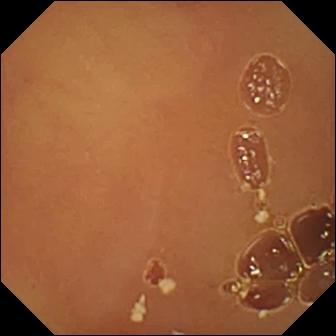This video capsule endoscopy still of the small intestine shows normal clean mucosa.